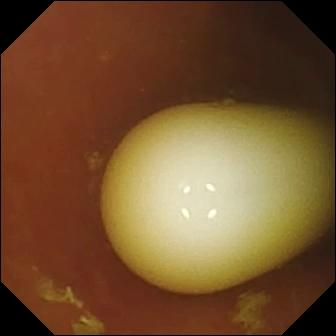WCE still showing foreign body (e.g. retained capsule, tablet residue).